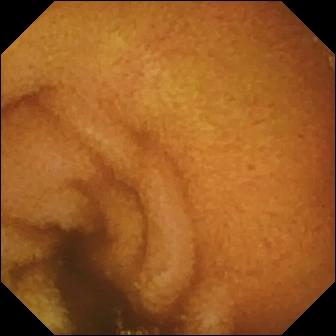WCE image. Normal clean mucosa.